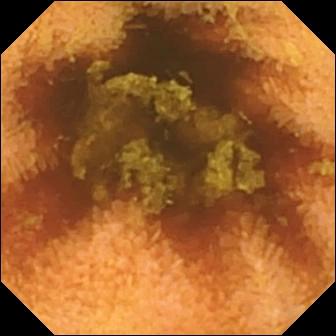Normal clean mucosa.